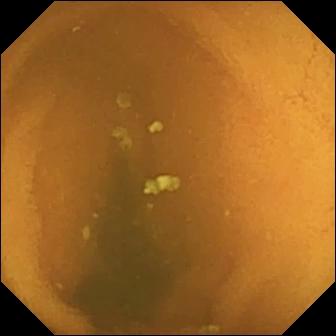This video capsule endoscopy snapshot of the small bowel shows normal clean mucosa.